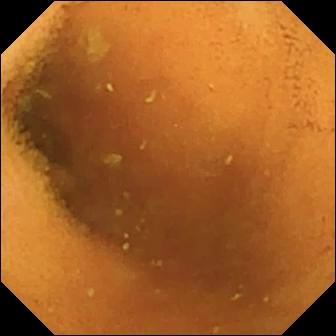Video capsule endoscopy view of the small intestine showing normal clean mucosa.